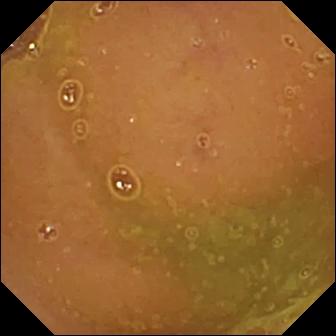Q: What does this video capsule endoscopy still show?
A: Normal clean mucosa.